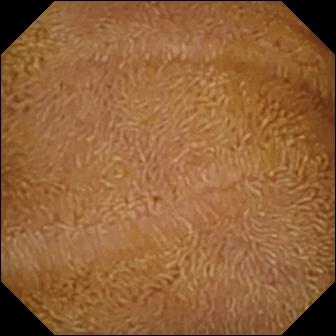PROCEDURE: Wireless capsule endoscopy.
FINDINGS: Normal clean mucosa.